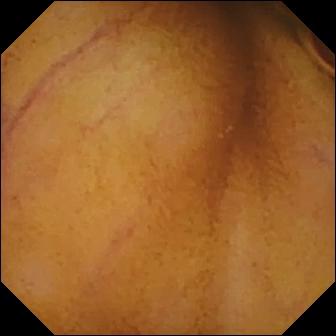VCE still, small intestine
Label: normal clean mucosa